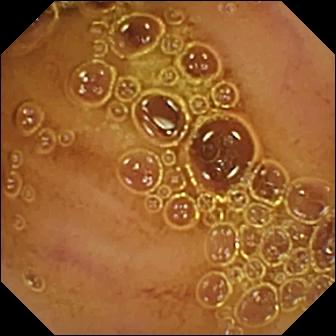Video capsule endoscopy frame (small intestine). Normal clean mucosa.